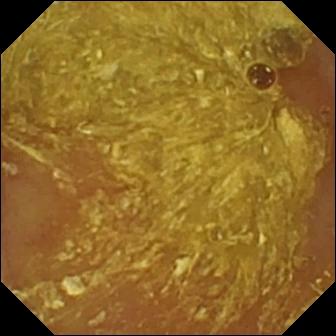{"modality": "small-bowel capsule endoscopy", "finding": "reduced mucosal view (content or bubbles obscuring the mucosa)"}